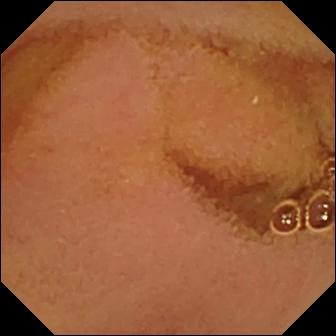PROCEDURE: WCE.
SEGMENT: Small bowel.
FINDINGS: Normal clean mucosa.